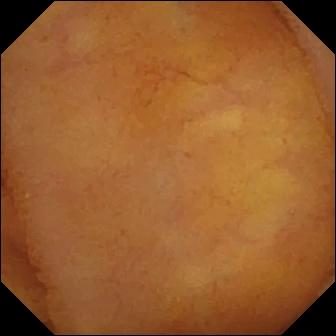{"modality": "small-bowel capsule endoscopy", "segment": "small intestine", "finding": "normal clean mucosa"}